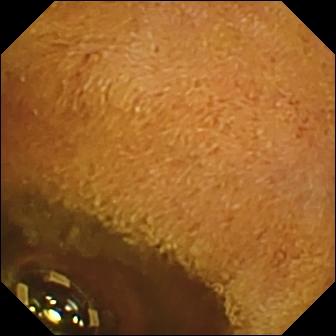Capsule endoscopy image
Observation: foreign body (e.g. retained capsule, tablet residue)